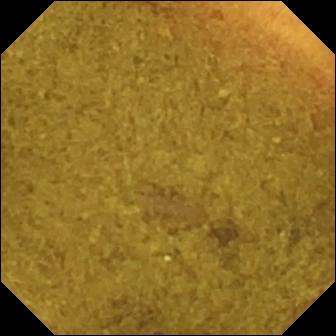PROCEDURE: Capsule endoscopy.
LOCATION: Ileo-cecal valve region (the transition from the small bowel to the large bowel).